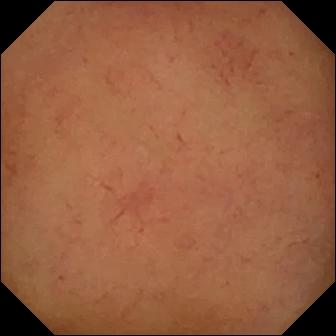Normal clean mucosa (336×336).